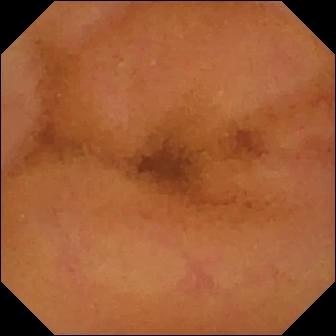This small-bowel capsule endoscopy still shows normal clean mucosa.